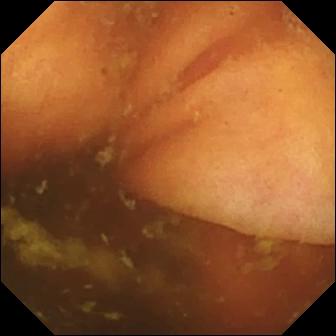Video capsule endoscopy snapshot taken in the ileo-cecal valve region (the transition from the small bowel to the large bowel).